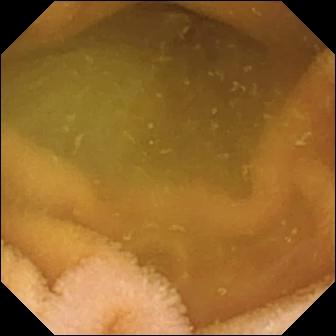{"modality": "video capsule endoscopy", "segment": "small bowel", "finding": "normal clean mucosa"}